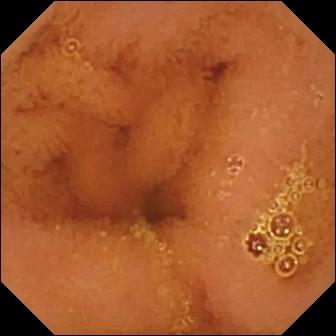Normal clean mucosa.